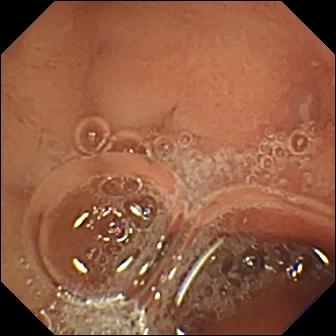Small-bowel capsule endoscopy. Luminal finding. Finding: erosion.